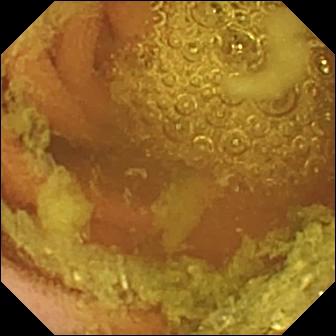VCE. Luminal finding. Observation: normal clean mucosa.